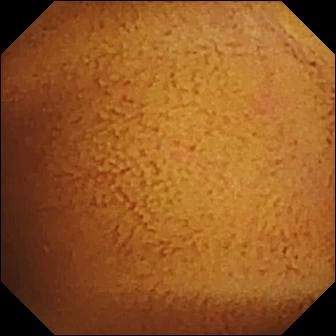VCE image
Observation: normal clean mucosa